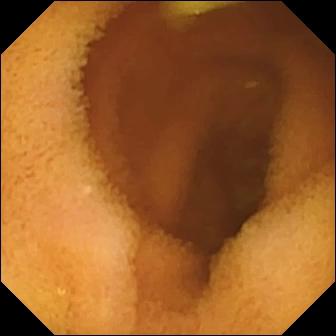Video capsule endoscopy view. Normal clean mucosa.